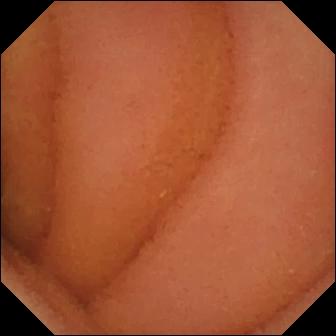Small-bowel capsule endoscopy still, 336×336. Normal clean mucosa.